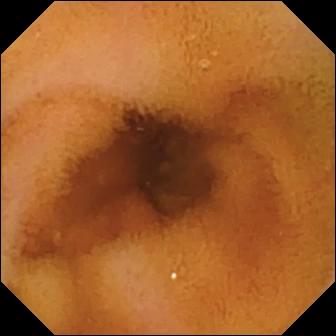WCE view
Observation: normal clean mucosa